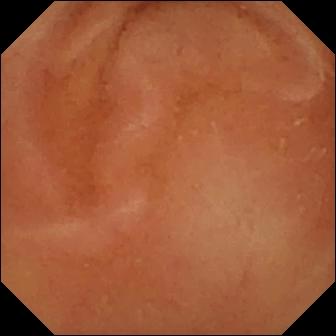modality: WCE; category: luminal finding; impression: normal clean mucosa